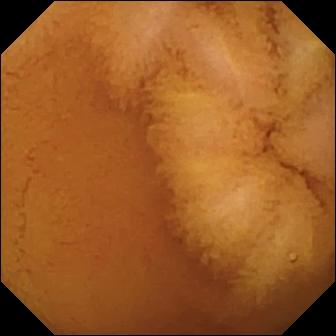Wireless capsule endoscopy still. Normal clean mucosa.